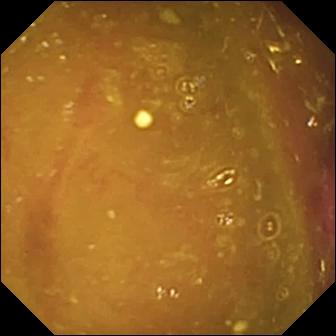modality: VCE | finding: reduced mucosal view (content or bubbles obscuring the mucosa)